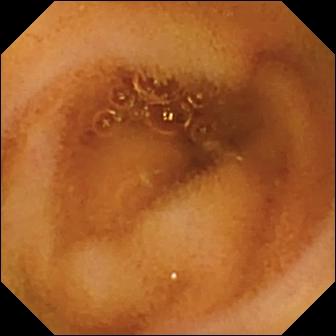VCE view. Normal clean mucosa.